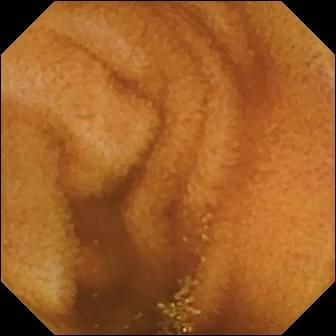Wireless capsule endoscopy still, small bowel
Impression: normal clean mucosa